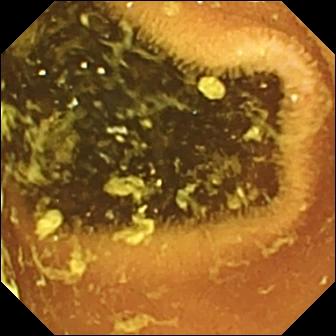Capsule endoscopy. Luminal finding. Observation: normal clean mucosa.